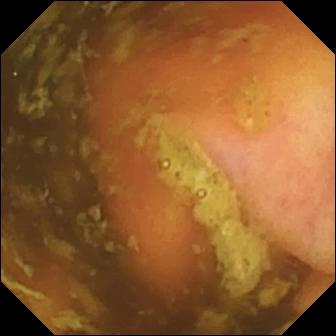Wireless capsule endoscopy still taken in the ileo-cecal valve region (the transition from the small bowel to the large bowel).